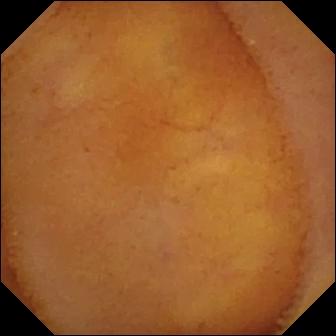PROCEDURE: Wireless capsule endoscopy.
SEGMENT: Small intestine.
FINDINGS: Normal clean mucosa.